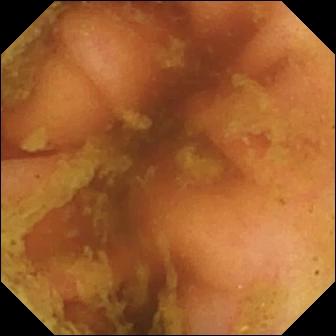{"modality": "video capsule endoscopy", "location": "ileo-cecal valve region (the transition from the small bowel to the large bowel)"}